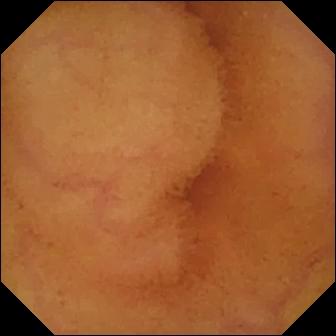PROCEDURE: Capsule endoscopy.
FINDINGS: Normal clean mucosa.